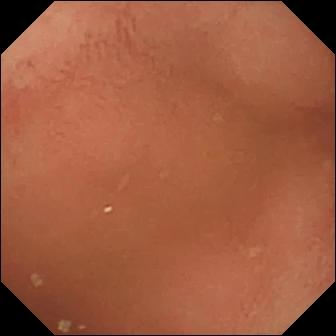Wireless capsule endoscopy. Near an anatomical landmark. Video segment: pylorus region.